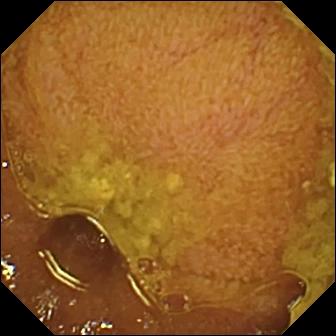WCE — ileo-cecal valve region (where the capsule passes from the small bowel into the large bowel).